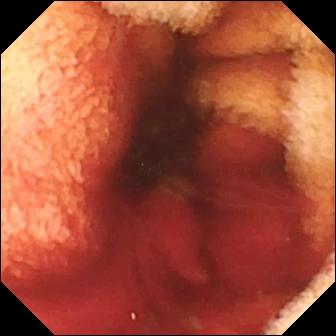modality: small-bowel capsule endoscopy | impression: fresh blood in the lumen